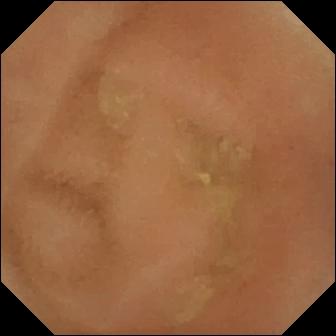WCE. Luminal finding. Impression: normal clean mucosa.